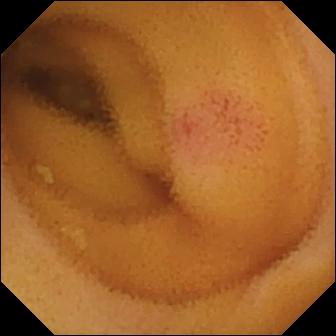Angiectasia — WCE view.